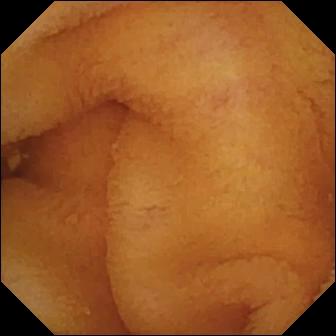This small-bowel capsule endoscopy snapshot shows normal clean mucosa.